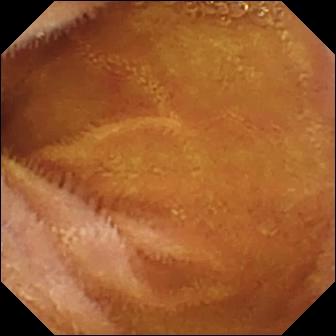WCE still, small intestine
Label: normal clean mucosa